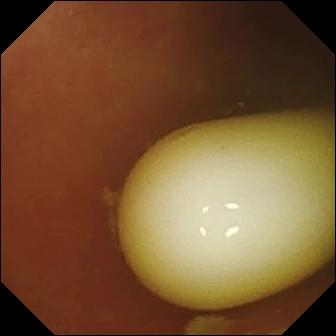PROCEDURE: VCE.
FINDINGS: Foreign body (e.g. retained capsule, tablet residue).